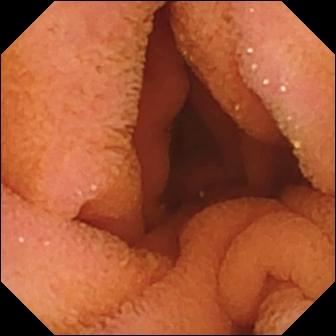modality: VCE; observation: normal clean mucosa